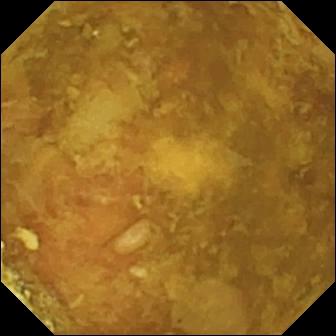Reduced mucosal view (content or bubbles obscuring the mucosa) — wireless capsule endoscopy view of the small bowel.